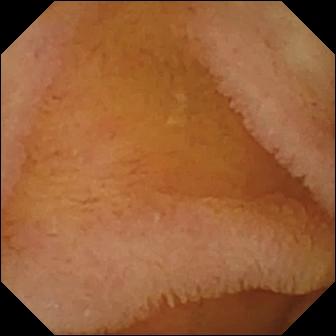Video capsule endoscopy snapshot
Observation: normal clean mucosa